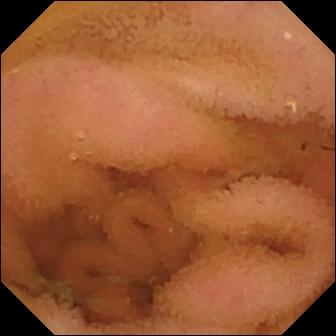Normal clean mucosa.